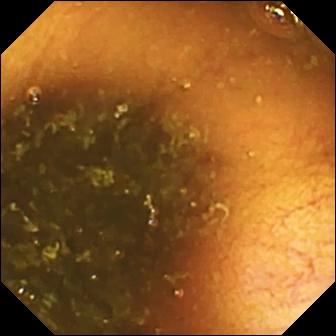{"modality": "VCE", "location": "ileo-cecal valve region (the transition from the small bowel to the large bowel)"}